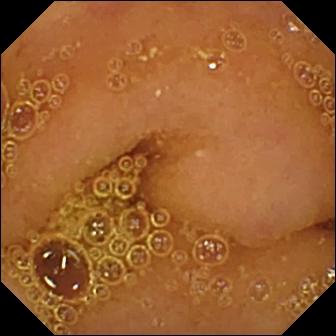This capsule endoscopy still of the small intestine shows normal clean mucosa.